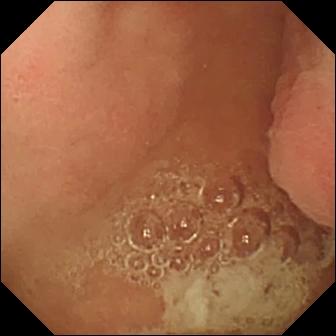Pylorus region (the junction between the stomach and the small bowel) — capsule endoscopy image.